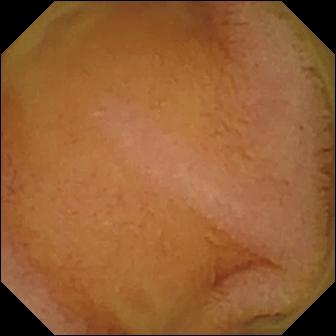Normal clean mucosa — WCE view.